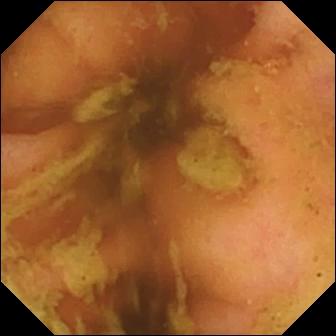VCE snapshot
Label: ileo-cecal valve region (the transition from the small bowel to the large bowel)